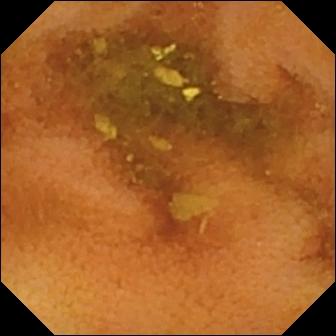Small-bowel capsule endoscopy frame (small intestine). Normal clean mucosa.